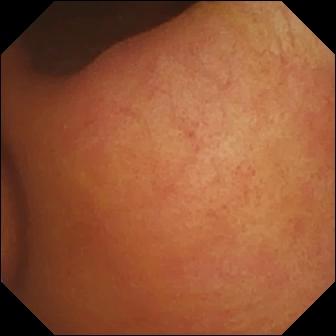Small-bowel capsule endoscopy view, 336×336. Foreign body (e.g. retained capsule, tablet residue).